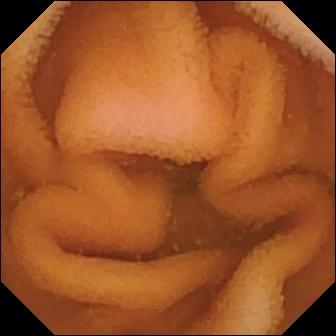PROCEDURE: Wireless capsule endoscopy.
SEGMENT: Small intestine.
FINDINGS: Normal clean mucosa.